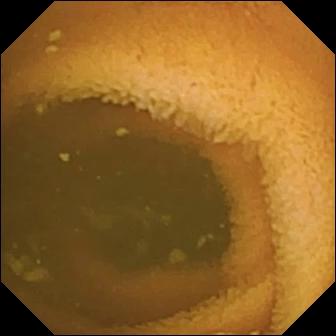Wireless capsule endoscopy — normal clean mucosa.